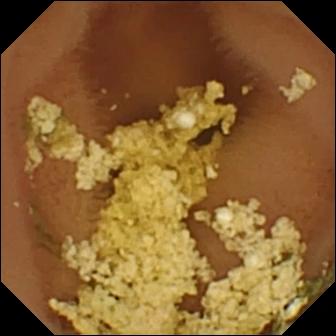Video capsule endoscopy. Label: normal clean mucosa.